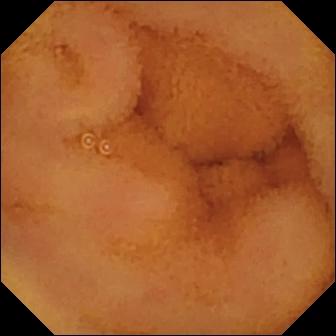Small-bowel capsule endoscopy still of the small intestine showing normal clean mucosa.